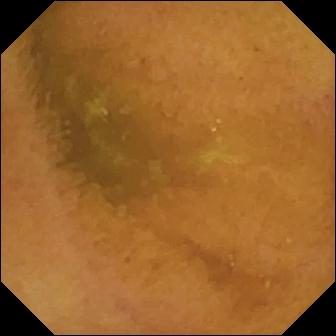Video capsule endoscopy view
Label: normal clean mucosa